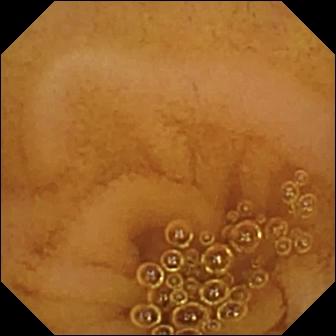PROCEDURE: Wireless capsule endoscopy.
FINDINGS: Normal clean mucosa.